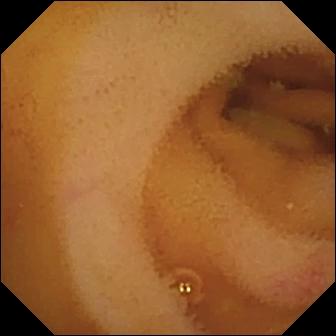Q: What does this video capsule endoscopy frame show?
A: Angiectasia.